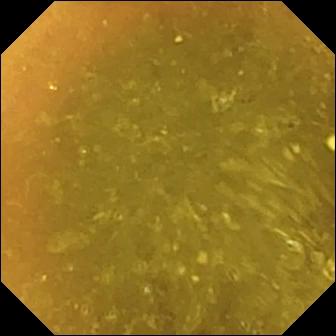WCE. Label: ileo-cecal valve region.